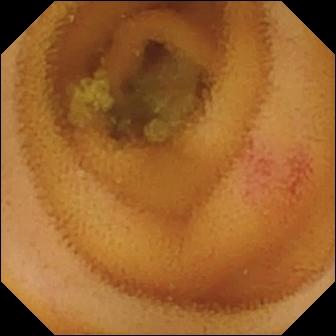{"modality": "VCE", "finding": "angiectasia"}